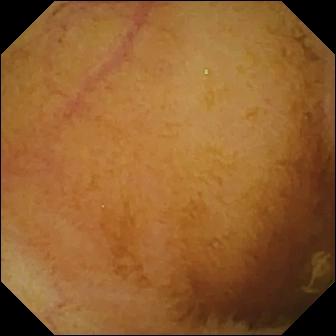Normal clean mucosa (336×336).